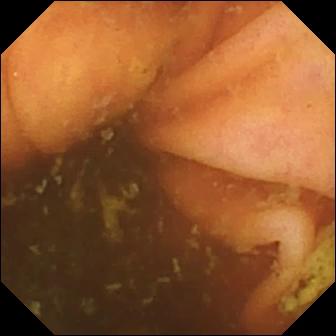Video capsule endoscopy. Label: ileo-cecal valve region (the transition from the small bowel to the large bowel).